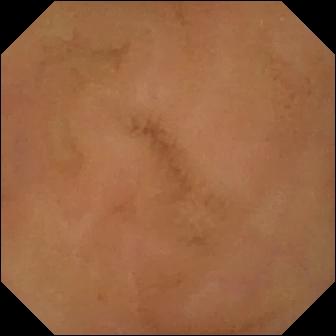Q: What does this video capsule endoscopy image of the small bowel show?
A: Normal clean mucosa.